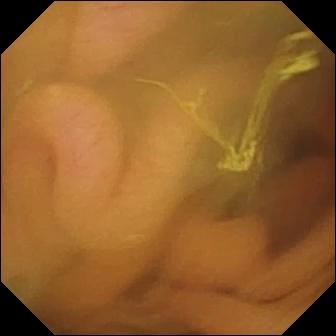This WCE image of the small bowel shows normal clean mucosa.